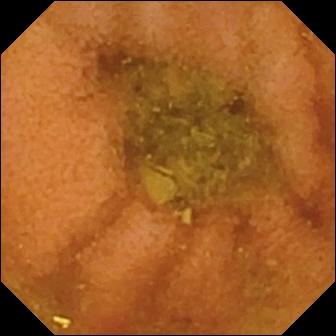Video capsule endoscopy still (small intestine). Normal clean mucosa.